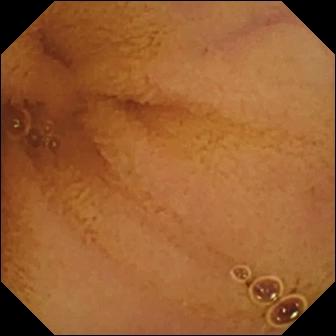PROCEDURE: WCE.
FINDINGS: Normal clean mucosa.